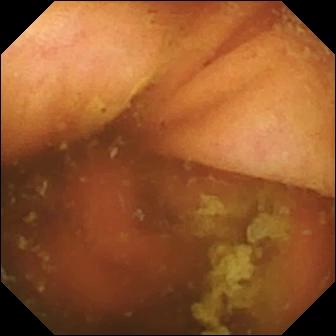Capsule endoscopy. Near an anatomical landmark. Label: ileo-cecal valve region (the transition from the small bowel to the large bowel).